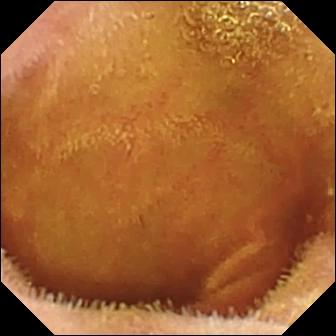PROCEDURE: WCE.
FINDINGS: Normal clean mucosa.